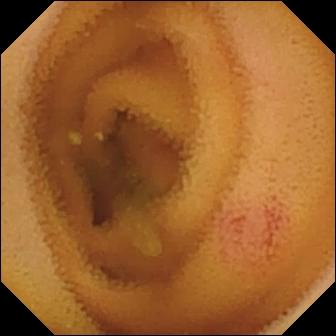Q: What does this VCE image show?
A: Angiectasia.